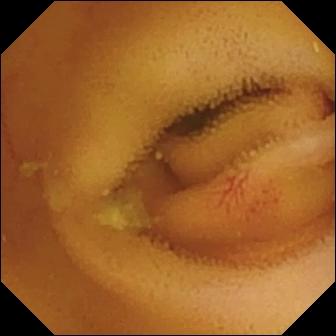{"modality": "capsule endoscopy", "finding": "angiectasia"}